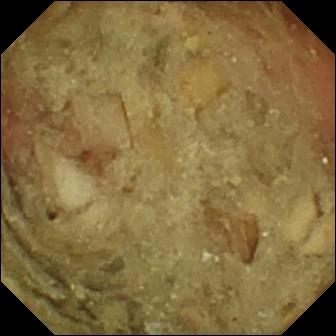Q: Where in the digestive tract was this small-bowel capsule endoscopy frame taken?
A: Pylorus region (where the capsule passes from the stomach into the small bowel).